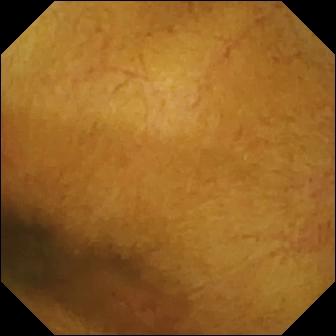Wireless capsule endoscopy frame (small bowel). Normal clean mucosa.